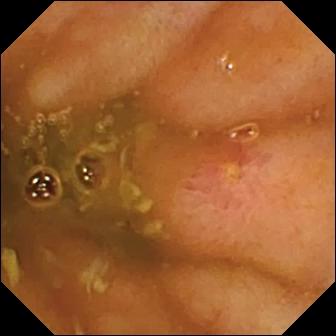Capsule endoscopy view showing ulcer.